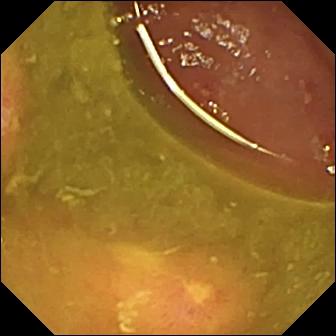{"modality": "VCE", "finding": "ulcer"}